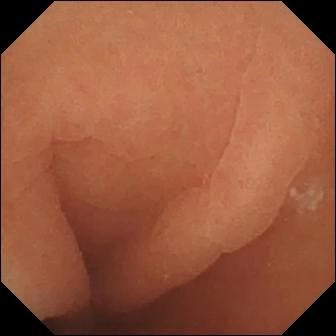Capsule endoscopy — normal clean mucosa.